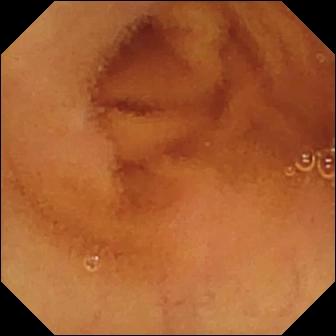- modality: video capsule endoscopy
- observation: normal clean mucosa